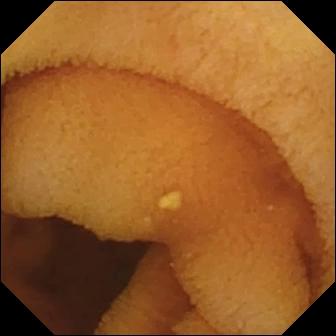- modality: wireless capsule endoscopy
- finding: normal clean mucosa